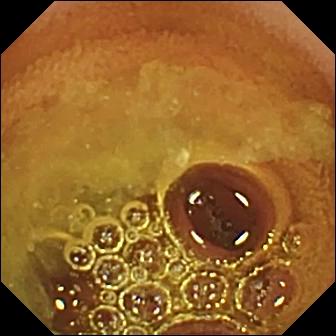Q: What does this capsule endoscopy frame show?
A: Normal clean mucosa.